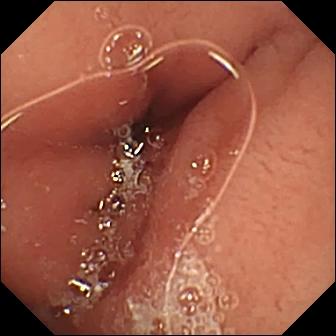Small-bowel capsule endoscopy image
Label: pylorus region (where the capsule passes from the stomach into the small bowel)